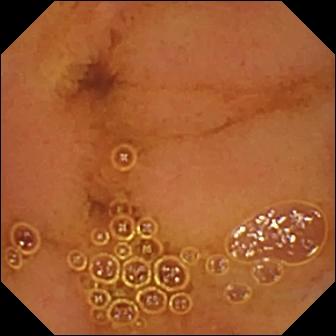Normal clean mucosa (336×336).